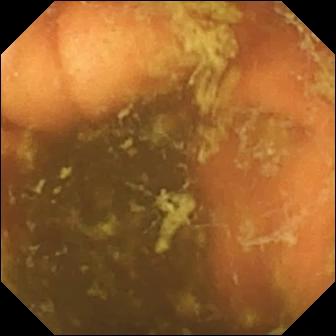Capsule endoscopy. Near an anatomical landmark. Label: ileo-cecal valve region (the transition from the small bowel to the large bowel).